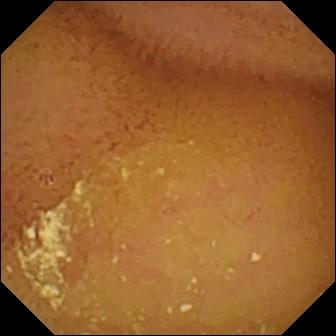Q: What does this wireless capsule endoscopy frame of the small intestine show?
A: Normal clean mucosa.